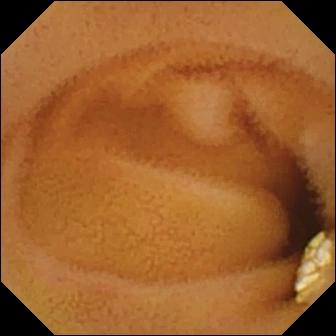Video capsule endoscopy snapshot showing lymphangiectasia.